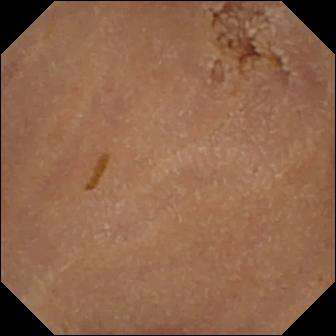- modality: WCE
- segment: small intestine
- category: luminal finding
- finding: normal clean mucosa